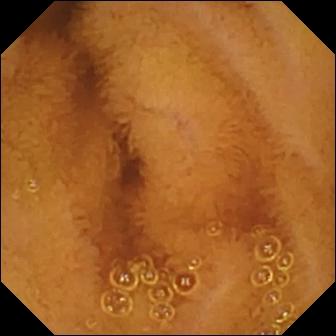Video capsule endoscopy still, small intestine
Impression: normal clean mucosa